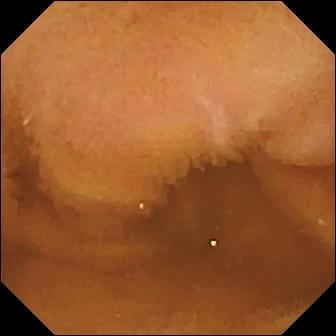{"modality": "capsule endoscopy", "segment": "small bowel", "finding": "normal clean mucosa"}